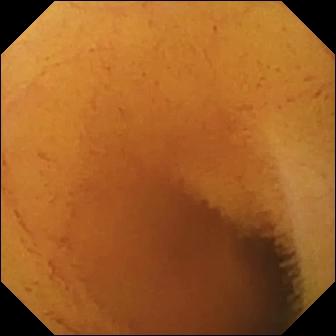- modality: VCE
- category: luminal finding
- finding: normal clean mucosa